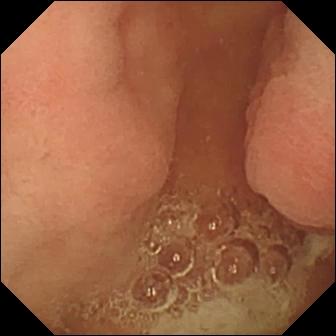Q: Where in the digestive tract was this wireless capsule endoscopy image taken?
A: Pylorus region.